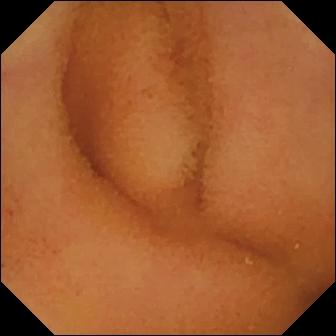Video capsule endoscopy still, small bowel
Observation: normal clean mucosa